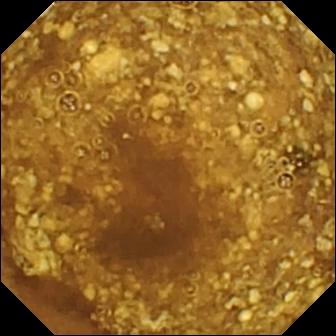Q: What does this VCE still show?
A: Reduced mucosal view (content or bubbles obscuring the mucosa).